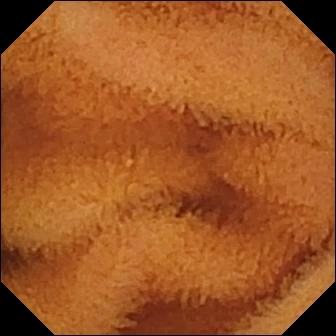Q: What does this WCE still of the small intestine show?
A: Normal clean mucosa.